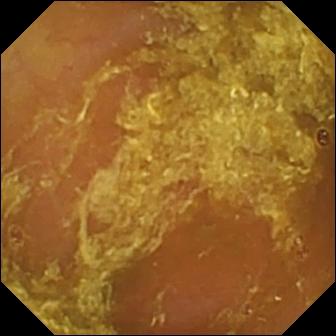- modality: capsule endoscopy
- segment: small bowel
- finding: reduced mucosal view (content or bubbles obscuring the mucosa)